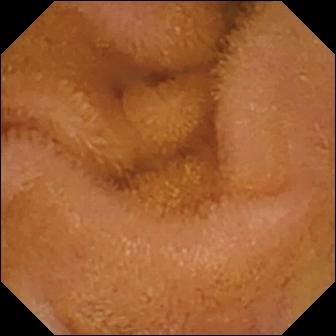modality: WCE | observation: normal clean mucosa